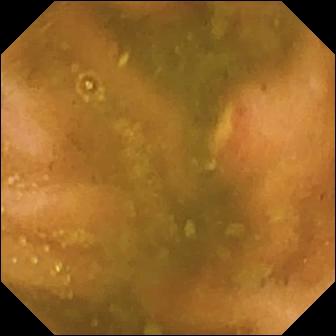Ulcer — capsule endoscopy still.